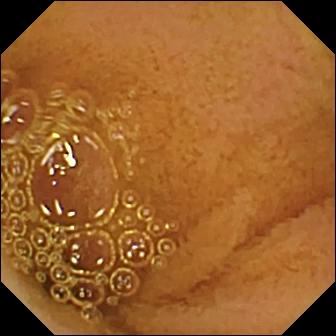Q: What does this wireless capsule endoscopy frame show?
A: Normal clean mucosa.